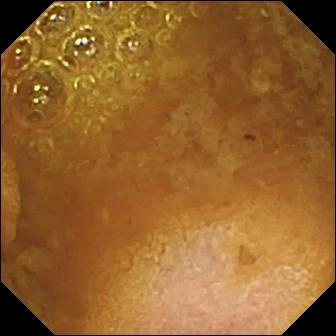{"modality": "capsule endoscopy", "finding": "reduced mucosal view (content or bubbles obscuring the mucosa)"}